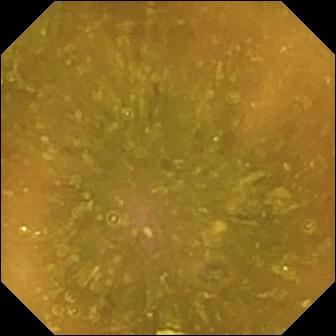WCE view showing reduced mucosal view (content or bubbles obscuring the mucosa).